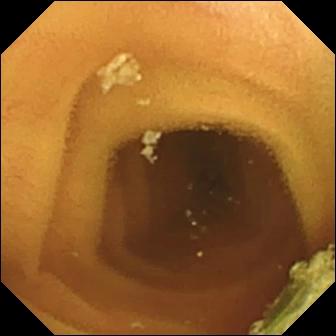Normal clean mucosa — VCE snapshot of the small intestine.